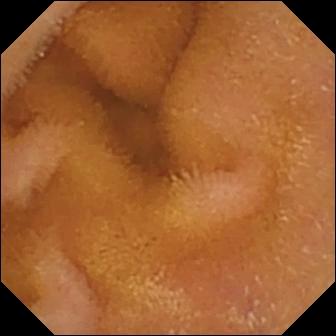- modality: WCE
- segment: small intestine
- finding: normal clean mucosa